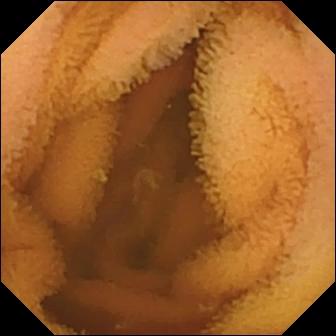- modality: capsule endoscopy
- observation: normal clean mucosa